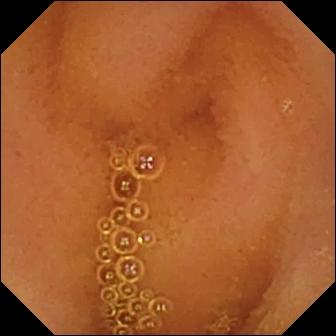Normal clean mucosa.